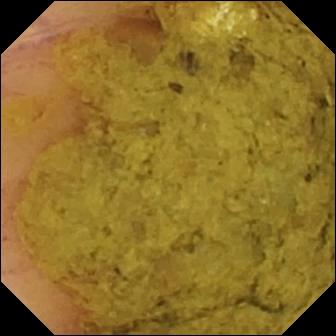Q: Where in the digestive tract was this capsule endoscopy frame taken?
A: Ileo-cecal valve region (where the capsule passes from the small bowel into the large bowel).